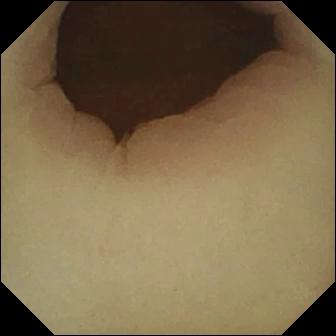VCE view taken in the pylorus region (the junction between the stomach and the small bowel).